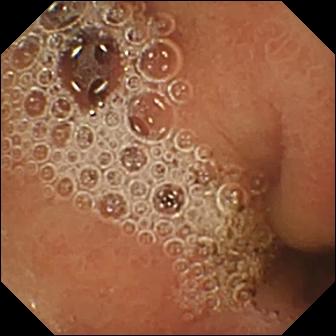VCE. Label: normal clean mucosa.